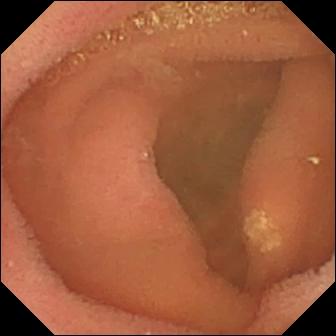{"modality": "WCE", "finding": "lymphangiectasia"}